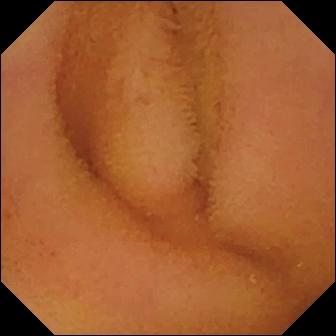Q: What does this wireless capsule endoscopy snapshot show?
A: Normal clean mucosa.